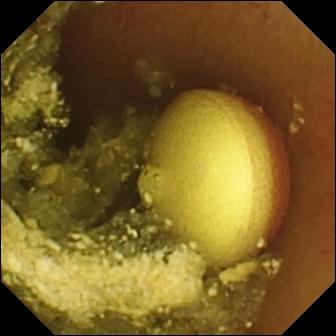Small-bowel capsule endoscopy still
Finding: foreign body (e.g. retained capsule, tablet residue)